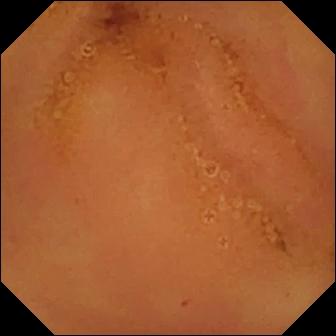This video capsule endoscopy view of the small bowel shows normal clean mucosa.